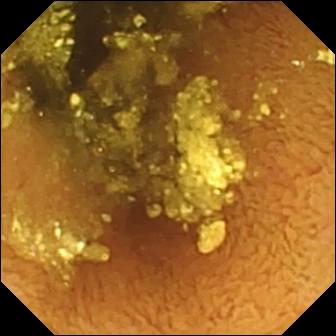WCE — normal clean mucosa.